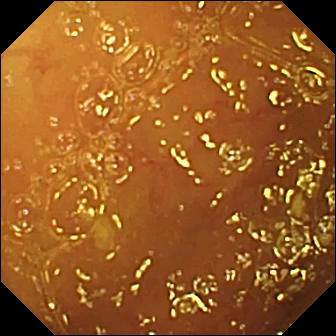{"modality": "capsule endoscopy", "segment": "small intestine", "category": "luminal finding", "finding": "normal clean mucosa"}